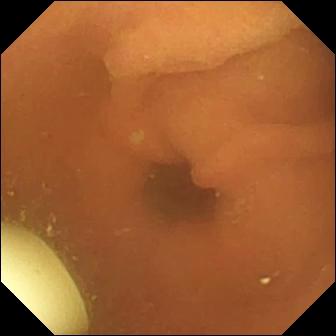Capsule endoscopy. Observation: foreign body (e.g. retained capsule, tablet residue).